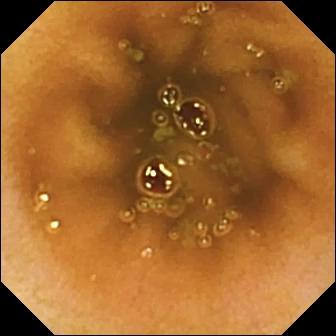Normal clean mucosa (336×336).